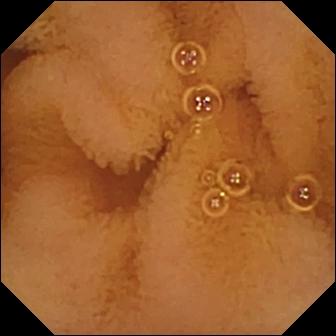- modality: capsule endoscopy
- segment: small bowel
- category: luminal finding
- finding: normal clean mucosa